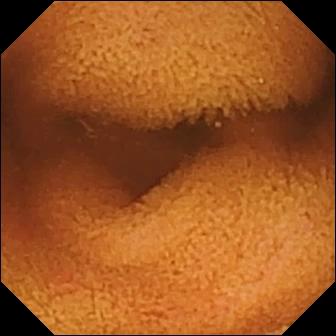Capsule endoscopy frame showing normal clean mucosa.